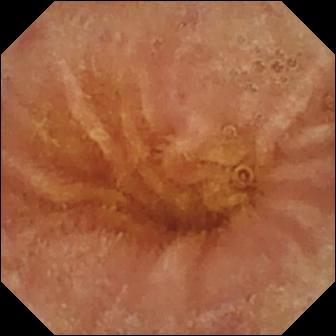PROCEDURE: Wireless capsule endoscopy.
FINDINGS: Normal clean mucosa.